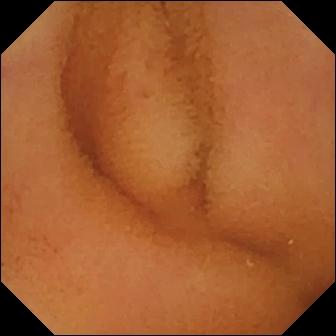VCE image. Normal clean mucosa.